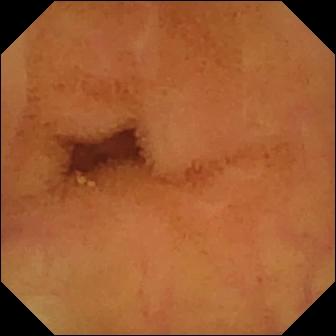modality: wireless capsule endoscopy | category: luminal finding | label: normal clean mucosa